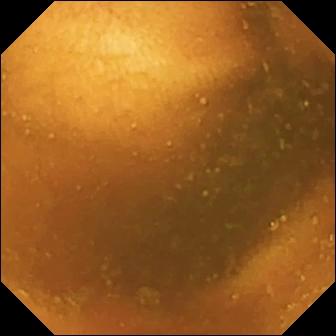Capsule endoscopy snapshot of the small intestine showing normal clean mucosa.